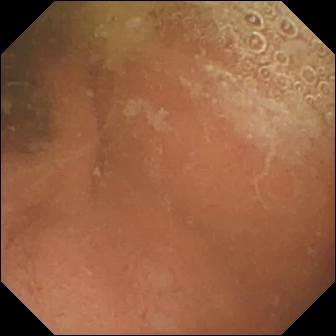Normal clean mucosa — wireless capsule endoscopy view of the small bowel.